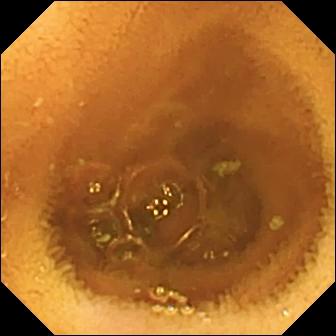{"modality": "video capsule endoscopy", "segment": "small bowel", "finding": "normal clean mucosa"}